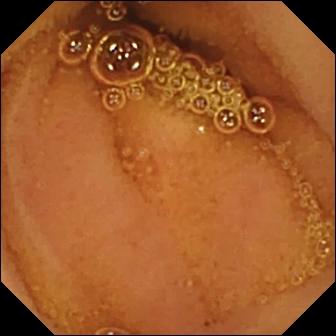Normal clean mucosa.